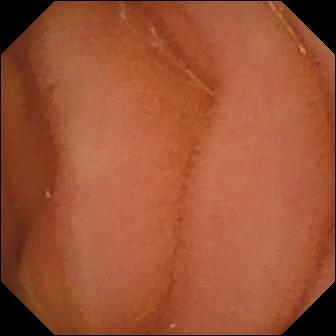- modality: video capsule endoscopy
- segment: small intestine
- observation: normal clean mucosa